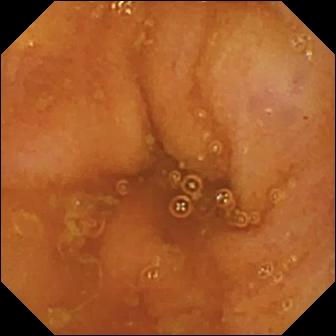Ileo-cecal valve region (the transition from the small bowel to the large bowel) — small-bowel capsule endoscopy view.